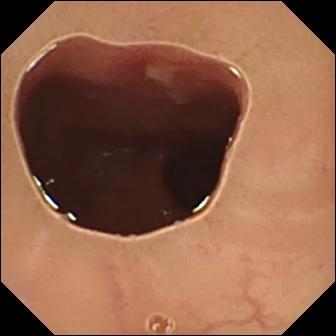This video capsule endoscopy image shows ulcer.